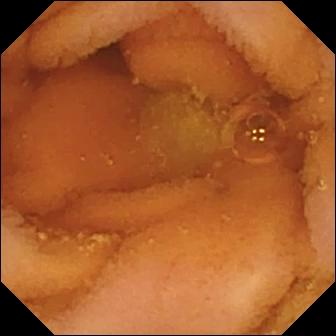Normal clean mucosa — wireless capsule endoscopy still.